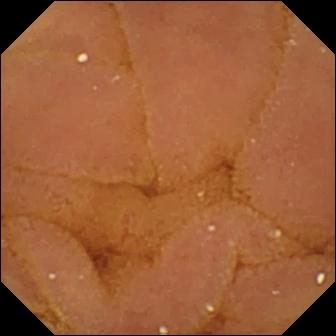Wireless capsule endoscopy. Small intestine. Observation: normal clean mucosa.